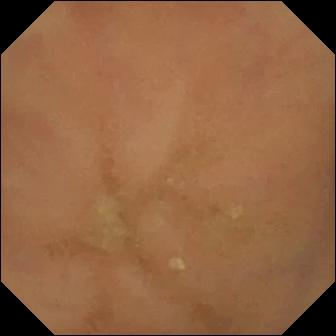- modality: VCE
- segment: small intestine
- observation: normal clean mucosa